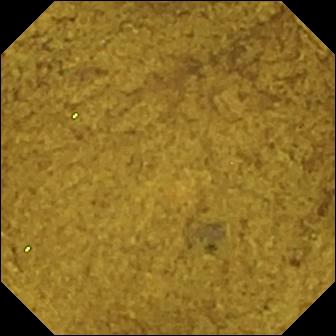- modality: small-bowel capsule endoscopy
- position: ileo-cecal valve region (the transition from the small bowel to the large bowel)